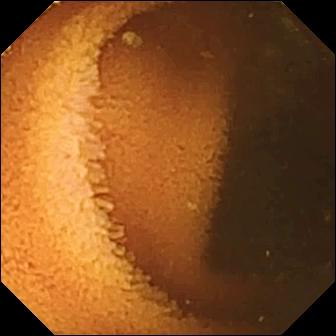{"modality": "WCE", "finding": "normal clean mucosa"}